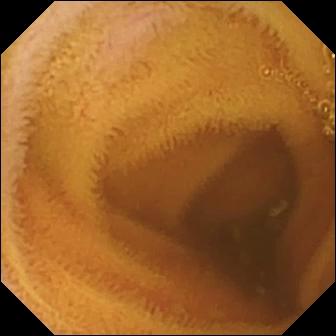PROCEDURE: Wireless capsule endoscopy.
SEGMENT: Small bowel.
FINDINGS: Normal clean mucosa.